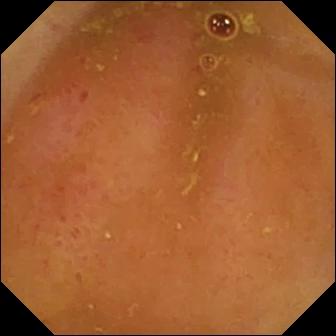modality: video capsule endoscopy
category: luminal finding
label: erythema (mucosal redness)